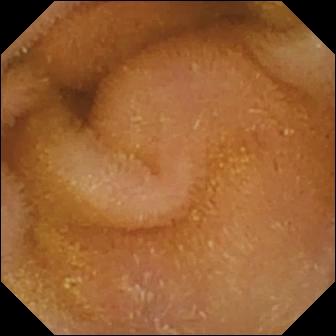Q: What does this wireless capsule endoscopy view of the small intestine show?
A: Normal clean mucosa.